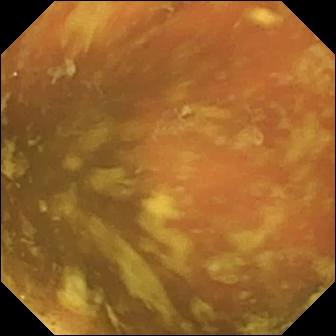This wireless capsule endoscopy still was taken in the ileo-cecal valve region.